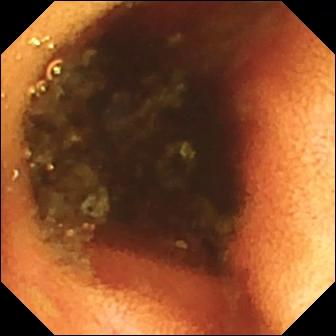WCE frame
Video segment: ileo-cecal valve region (where the capsule passes from the small bowel into the large bowel)